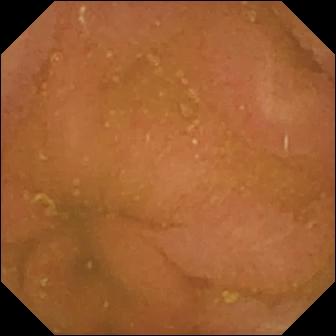Normal clean mucosa.